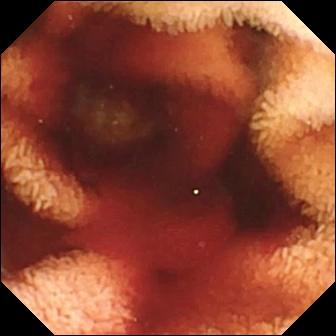VCE — fresh blood in the lumen.